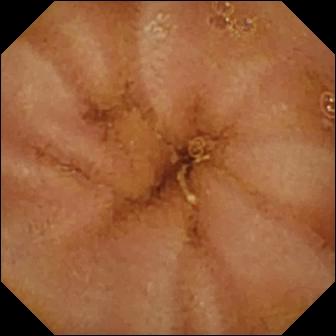PROCEDURE: Capsule endoscopy.
FINDINGS: Normal clean mucosa.